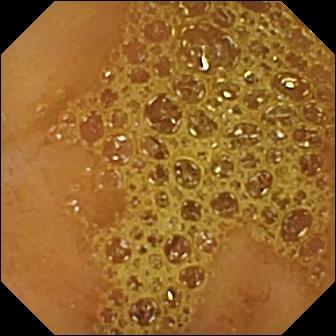WCE. Position: ileo-cecal valve region (where the capsule passes from the small bowel into the large bowel).